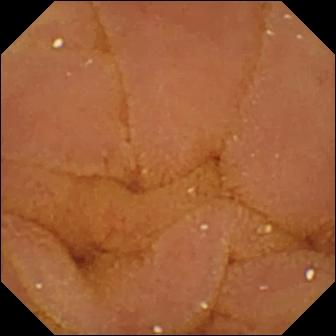{"modality": "small-bowel capsule endoscopy", "segment": "small intestine", "finding": "normal clean mucosa"}